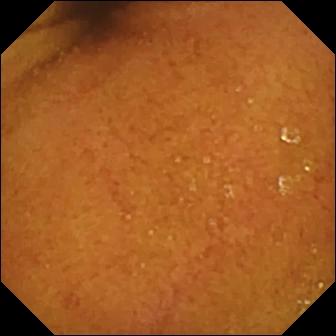Normal clean mucosa — wireless capsule endoscopy view.